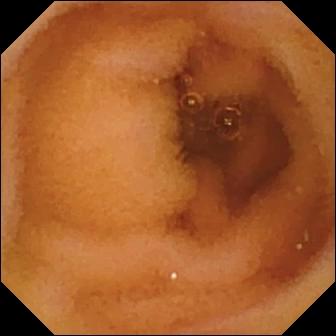PROCEDURE: WCE.
FINDINGS: Normal clean mucosa.